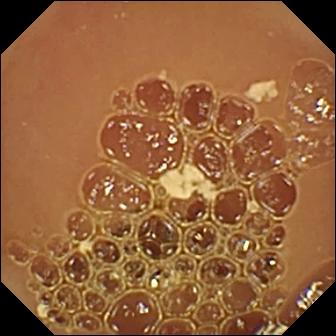Capsule endoscopy view (small intestine). Normal clean mucosa.